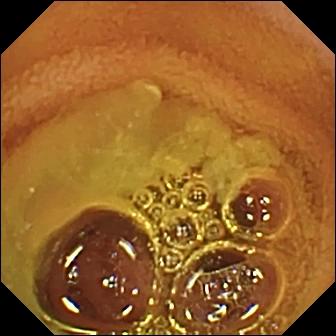Small-bowel capsule endoscopy image of the small bowel showing normal clean mucosa.